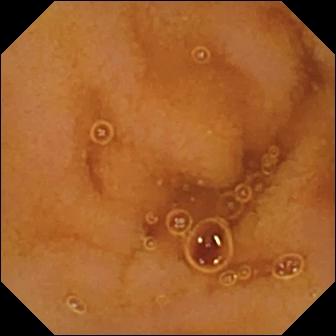Capsule endoscopy snapshot of the small bowel showing normal clean mucosa.